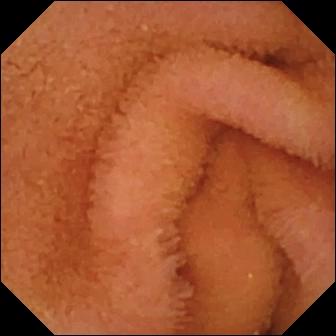{"modality": "video capsule endoscopy", "finding": "normal clean mucosa"}